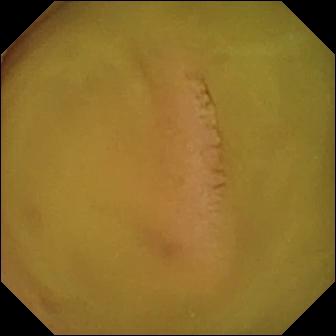Small-bowel capsule endoscopy frame, small intestine
Impression: normal clean mucosa